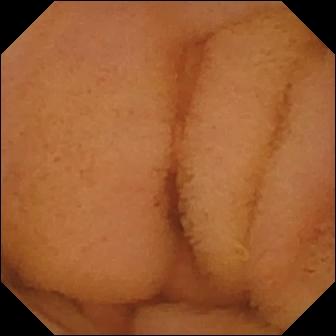Video capsule endoscopy image of the small intestine showing normal clean mucosa.